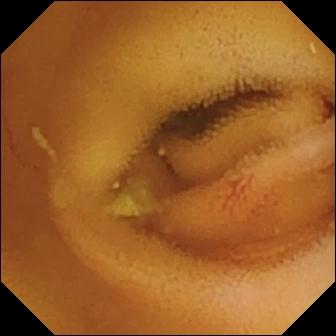Angiectasia — VCE view.